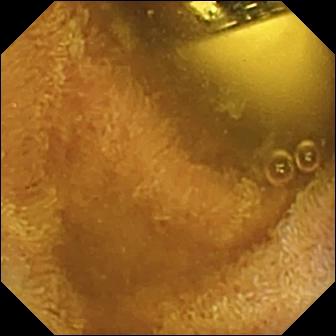VCE image
Label: foreign body (e.g. retained capsule, tablet residue)